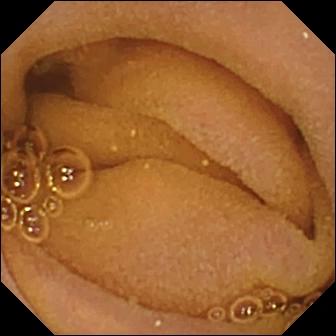Video capsule endoscopy still (small intestine), 336×336. Normal clean mucosa.